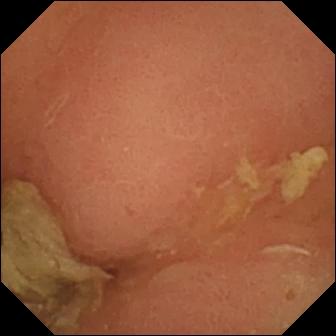Pylorus region — WCE image.